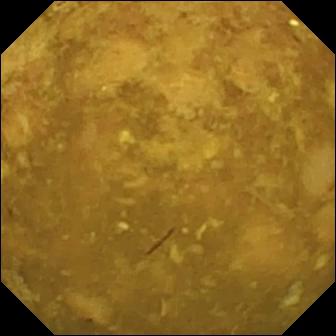modality: video capsule endoscopy
segment: small bowel
category: luminal finding
finding: reduced mucosal view (content or bubbles obscuring the mucosa)